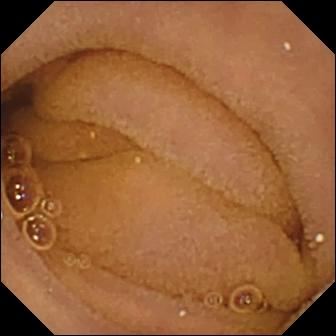Normal clean mucosa — video capsule endoscopy image of the small intestine.